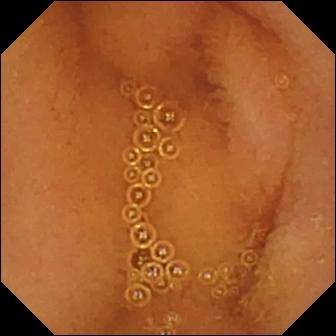Capsule endoscopy — normal clean mucosa.